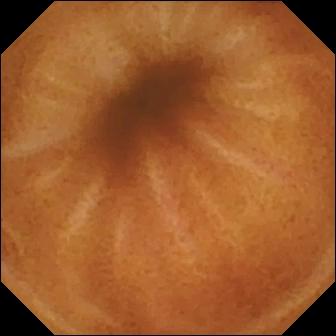VCE — normal clean mucosa.